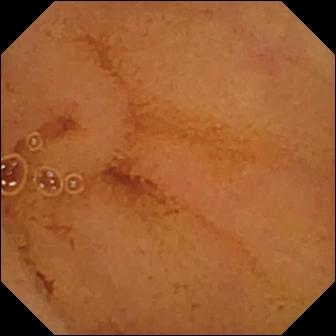Wireless capsule endoscopy — normal clean mucosa.